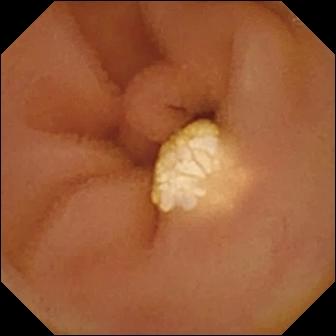- modality: WCE
- label: lymphangiectasia